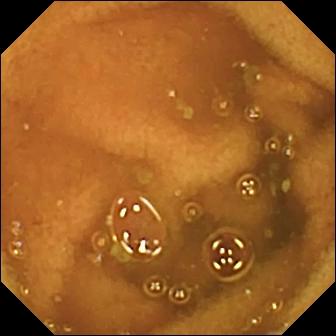WCE — normal clean mucosa.